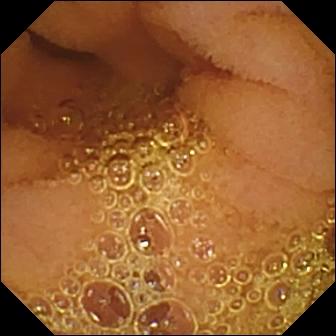Q: What does this WCE frame show?
A: Normal clean mucosa.